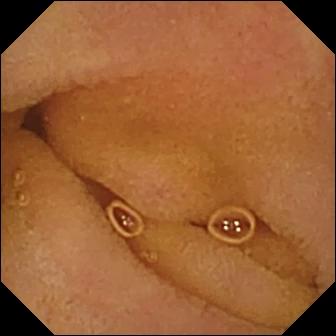Video capsule endoscopy. Small bowel. Luminal finding. Observation: normal clean mucosa.